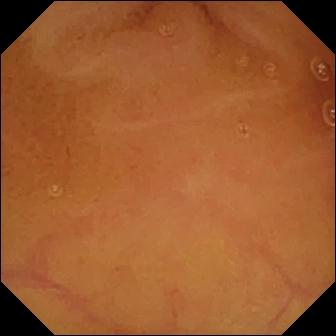WCE frame showing normal clean mucosa.